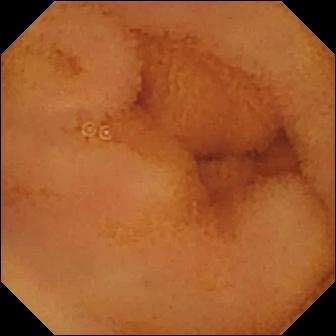Normal clean mucosa.